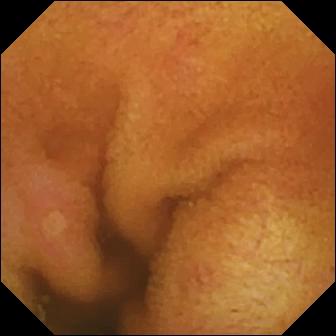PROCEDURE: Video capsule endoscopy.
FINDINGS: Erosion.